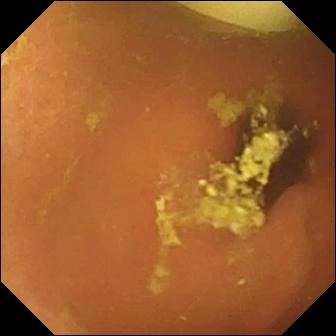{"modality": "capsule endoscopy", "finding": "foreign body (e.g. retained capsule, tablet residue)"}